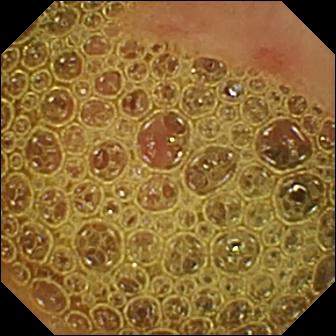modality: wireless capsule endoscopy
observation: erosion